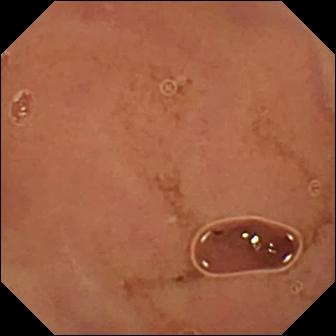Video capsule endoscopy still, small bowel
Impression: normal clean mucosa